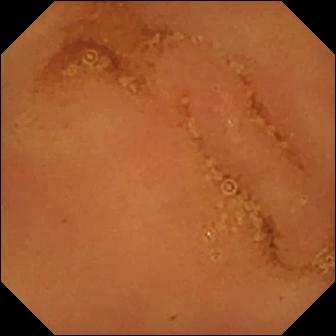modality: small-bowel capsule endoscopy | finding: normal clean mucosa